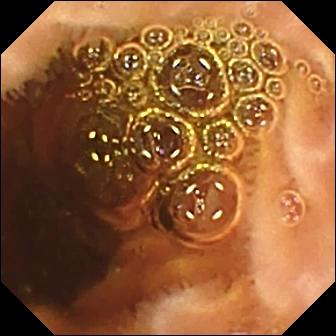Video capsule endoscopy still
Observation: normal clean mucosa